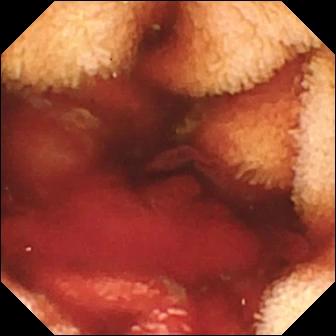Wireless capsule endoscopy. Impression: fresh blood in the lumen.